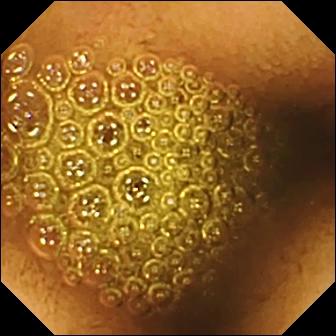Q: What does this wireless capsule endoscopy snapshot of the small intestine show?
A: Reduced mucosal view (content or bubbles obscuring the mucosa).